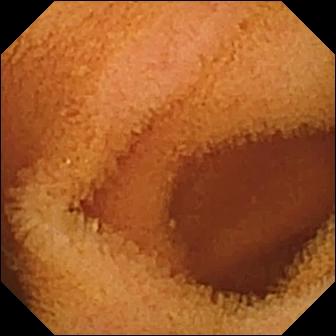Video capsule endoscopy — normal clean mucosa.